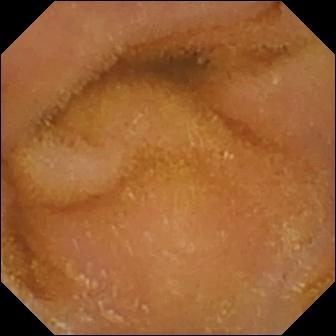Normal clean mucosa — VCE image of the small intestine.